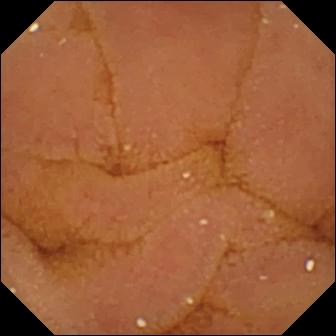PROCEDURE: VCE.
SEGMENT: Small bowel.
FINDINGS: Normal clean mucosa.